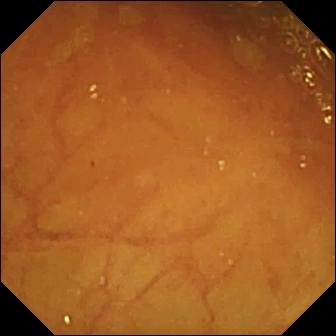Ileo-cecal valve region.